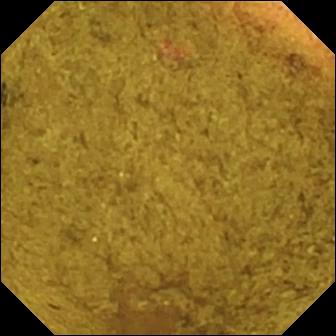Q: Where in the digestive tract was this WCE view taken?
A: Ileo-cecal valve region.